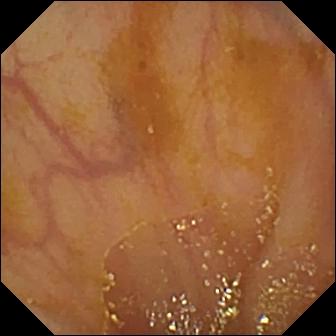Wireless capsule endoscopy frame
Video segment: ileo-cecal valve region